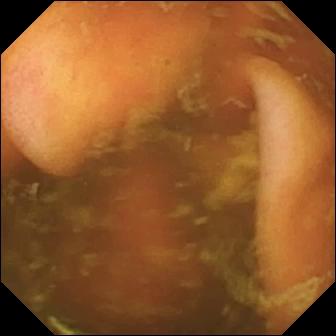WCE — ileo-cecal valve region (where the capsule passes from the small bowel into the large bowel).